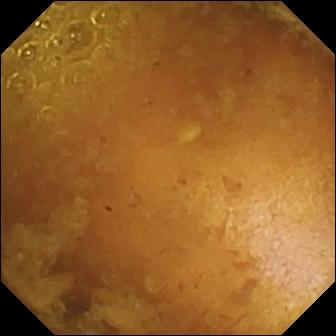Small-bowel capsule endoscopy snapshot, 336×336. Reduced mucosal view (content or bubbles obscuring the mucosa).